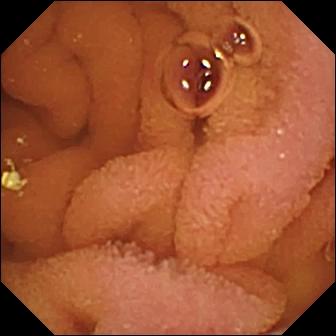Wireless capsule endoscopy view showing normal clean mucosa.